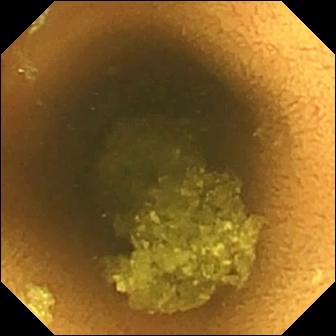Q: What does this wireless capsule endoscopy still show?
A: Normal clean mucosa.